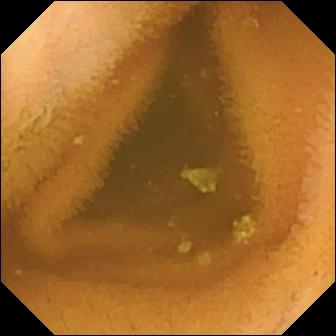PROCEDURE: Wireless capsule endoscopy.
SEGMENT: Small bowel.
FINDINGS: Normal clean mucosa.